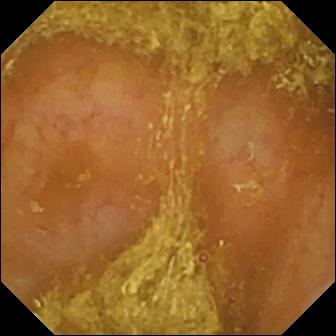{"modality": "VCE", "segment": "small bowel", "finding": "reduced mucosal view (content or bubbles obscuring the mucosa)"}